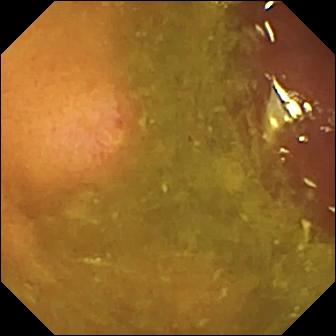Erosion — capsule endoscopy view.